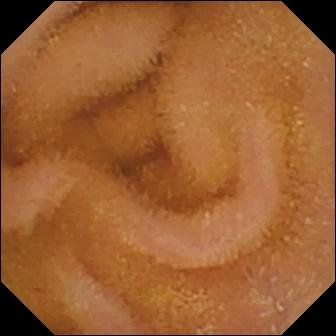Video capsule endoscopy. Luminal finding. Label: normal clean mucosa.